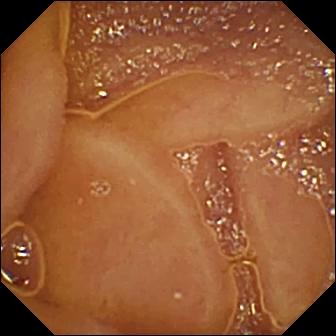PROCEDURE: Video capsule endoscopy.
FINDINGS: Normal clean mucosa.